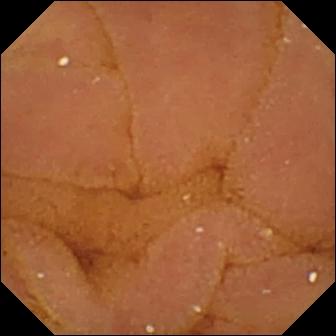modality: VCE | segment: small intestine | impression: normal clean mucosa